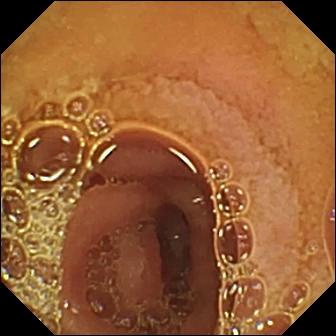PROCEDURE: Capsule endoscopy.
SEGMENT: Small intestine.
FINDINGS: Normal clean mucosa.